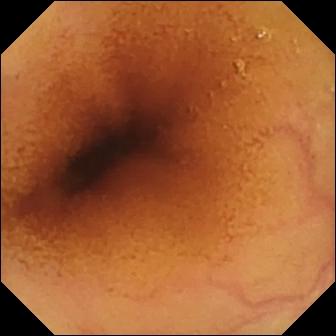Normal clean mucosa.